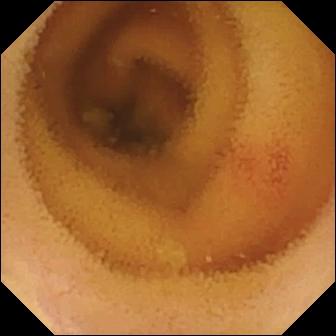This WCE frame shows angiectasia.